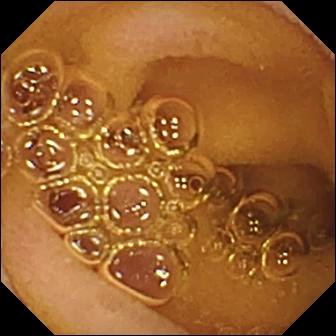{"modality": "wireless capsule endoscopy", "segment": "small bowel", "finding": "normal clean mucosa"}